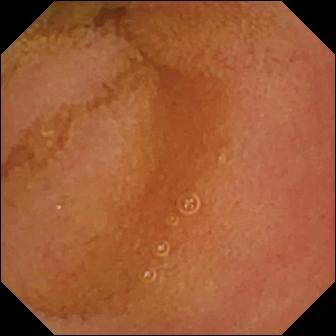PROCEDURE: Small-bowel capsule endoscopy.
FINDINGS: Normal clean mucosa.